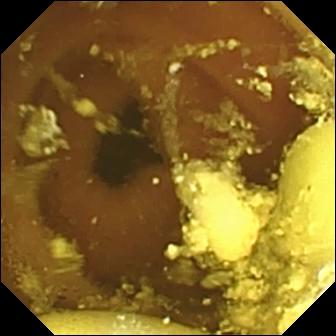Foreign body (e.g. retained capsule, tablet residue) — wireless capsule endoscopy frame.